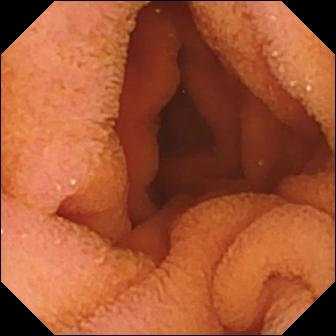Normal clean mucosa.